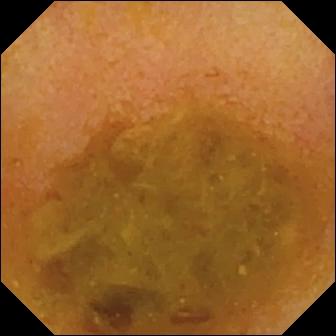modality: video capsule endoscopy
segment: small bowel
label: reduced mucosal view (content or bubbles obscuring the mucosa)